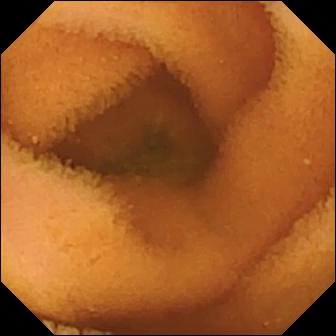This video capsule endoscopy frame of the small bowel shows normal clean mucosa.